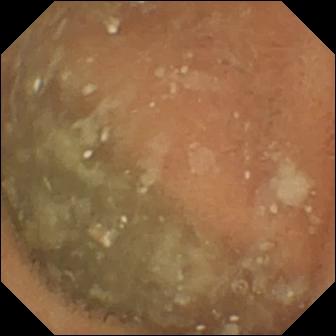PROCEDURE: Capsule endoscopy.
SEGMENT: Small intestine.
FINDINGS: Normal clean mucosa.